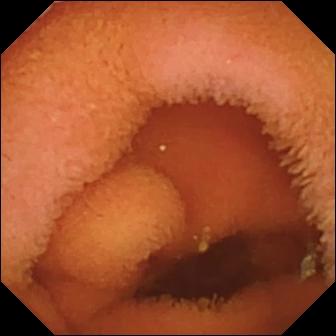modality: small-bowel capsule endoscopy
observation: normal clean mucosa